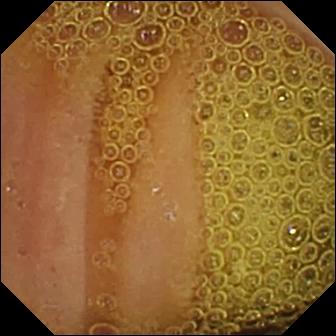modality: small-bowel capsule endoscopy | observation: normal clean mucosa